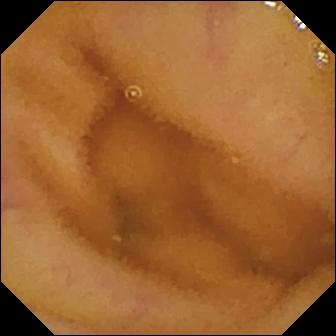VCE snapshot, small intestine
Impression: normal clean mucosa